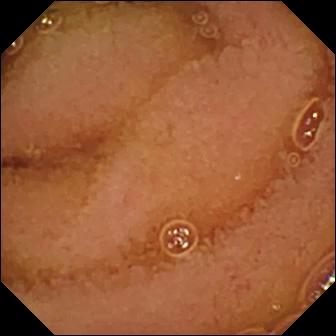- modality: video capsule endoscopy
- impression: normal clean mucosa